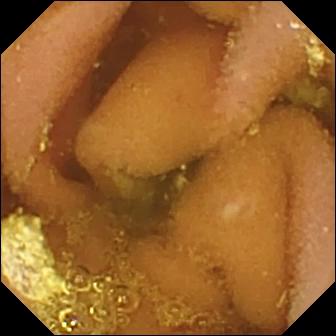Capsule endoscopy frame showing lymphangiectasia.